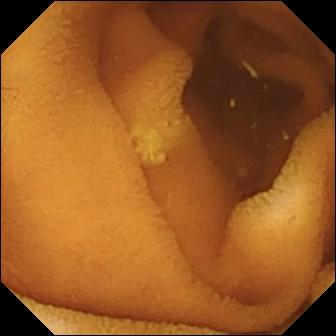modality: WCE
observation: normal clean mucosa